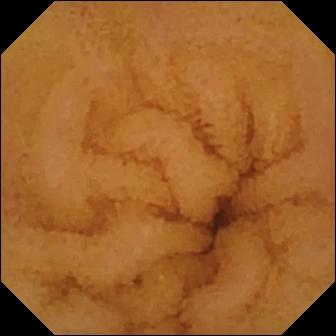modality: small-bowel capsule endoscopy
segment: small intestine
category: luminal finding
finding: normal clean mucosa